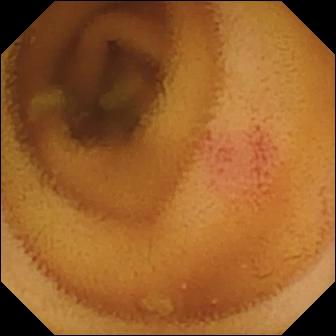This VCE view shows angiectasia.